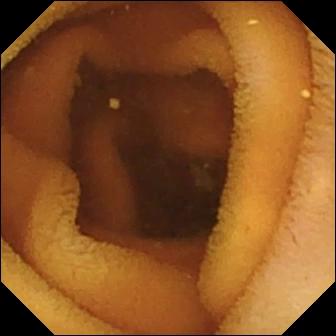PROCEDURE: Wireless capsule endoscopy.
SEGMENT: Small intestine.
FINDINGS: Normal clean mucosa.